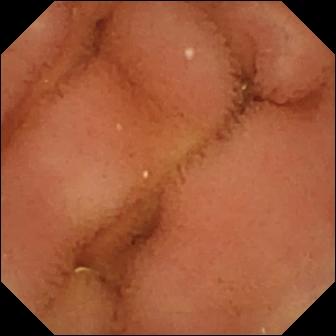This video capsule endoscopy still of the small intestine shows normal clean mucosa.